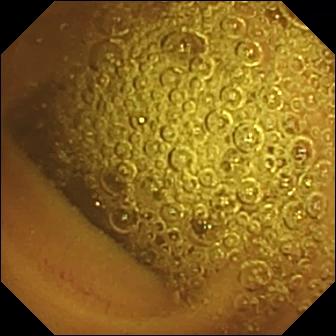- modality: capsule endoscopy
- segment: small bowel
- impression: normal clean mucosa